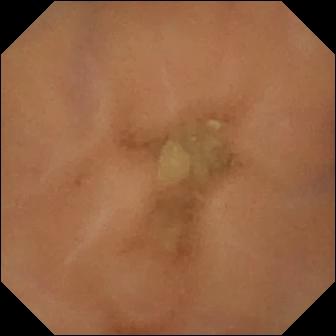Q: What does this VCE snapshot of the small bowel show?
A: Normal clean mucosa.